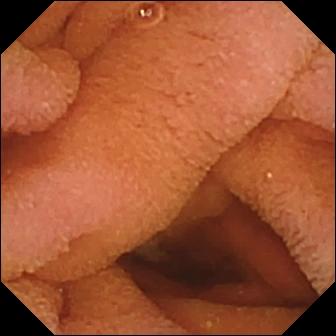Small-bowel capsule endoscopy — normal clean mucosa.